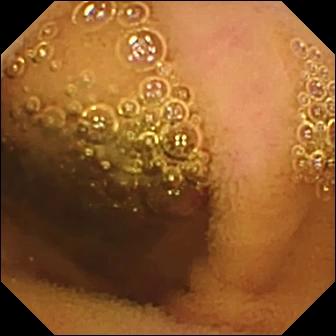Normal clean mucosa.